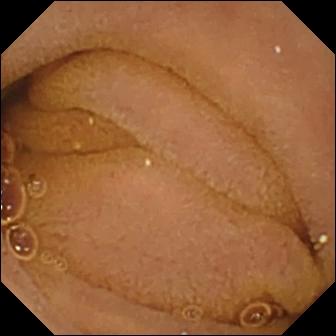Normal clean mucosa.